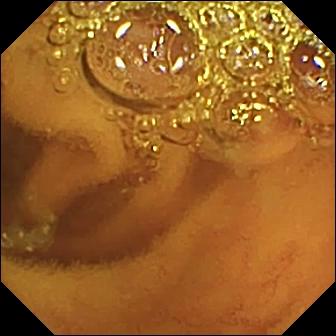Normal clean mucosa.